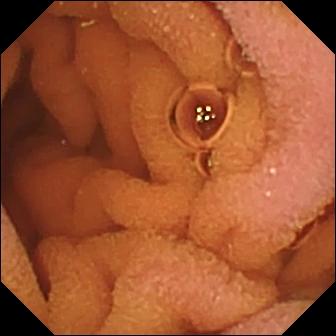Wireless capsule endoscopy frame
Finding: normal clean mucosa